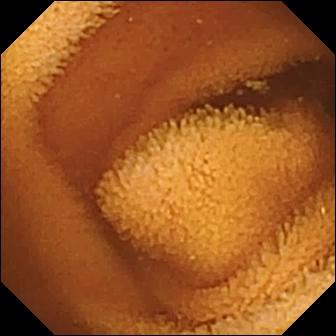Video capsule endoscopy view of the small bowel showing normal clean mucosa.